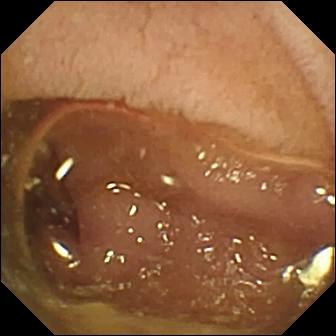PROCEDURE: WCE.
LOCATION: Pylorus region (where the capsule passes from the stomach into the small bowel).